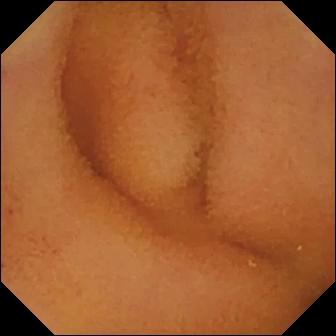Small-bowel capsule endoscopy view (small bowel). Normal clean mucosa.